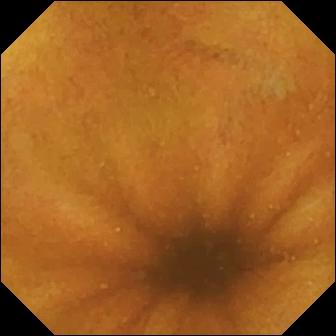modality: VCE | label: normal clean mucosa